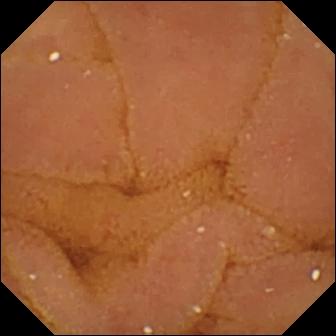Small-bowel capsule endoscopy image. Normal clean mucosa.